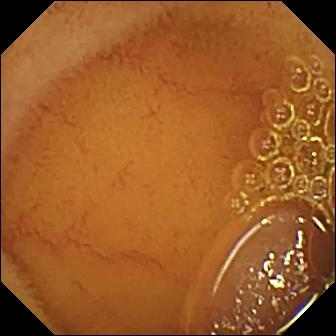Video capsule endoscopy frame (small bowel), 336×336. Normal clean mucosa.